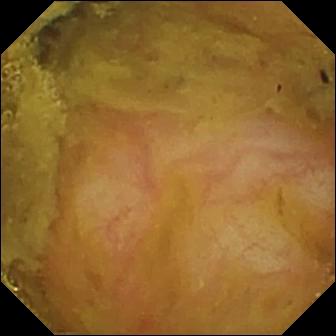Small-bowel capsule endoscopy — ileo-cecal valve region (the transition from the small bowel to the large bowel).